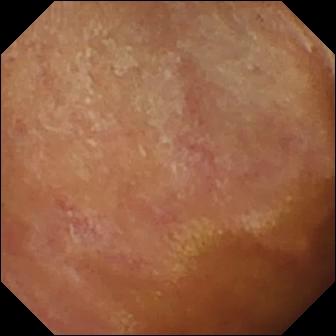Q: What does this wireless capsule endoscopy snapshot of the small bowel show?
A: Normal clean mucosa.